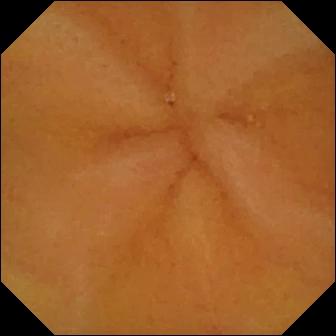Q: What does this capsule endoscopy still show?
A: Normal clean mucosa.